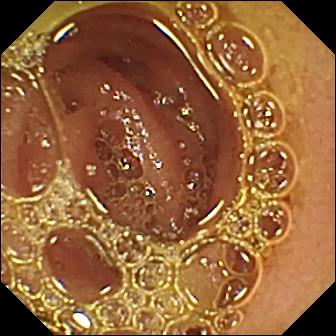Normal clean mucosa.